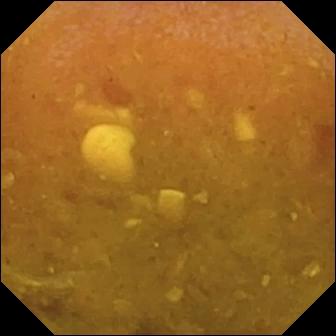modality: VCE
label: reduced mucosal view (content or bubbles obscuring the mucosa)